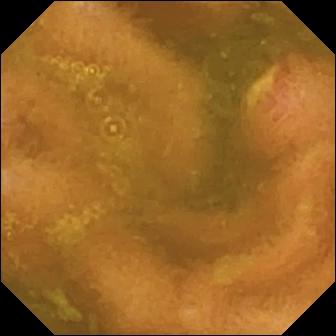VCE still showing ulcer.